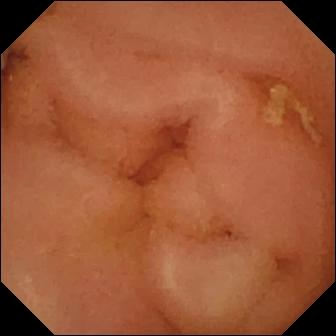Small-bowel capsule endoscopy snapshot, small bowel
Finding: normal clean mucosa